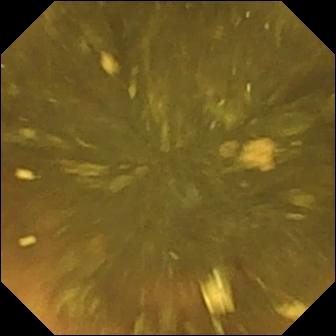Ileo-cecal valve region.